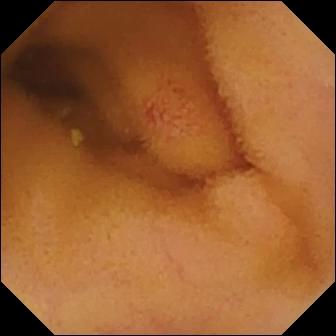{"modality": "capsule endoscopy", "finding": "angiectasia"}